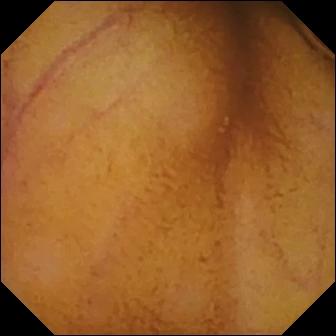modality: wireless capsule endoscopy
segment: small intestine
category: luminal finding
finding: normal clean mucosa